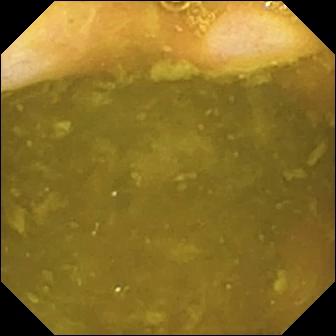{"modality": "VCE", "location": "ileo-cecal valve region"}